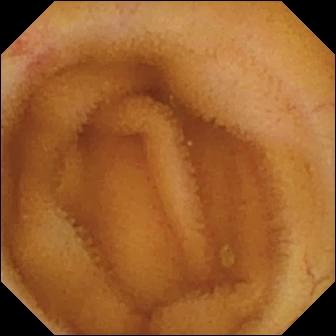Angiectasia — WCE still.